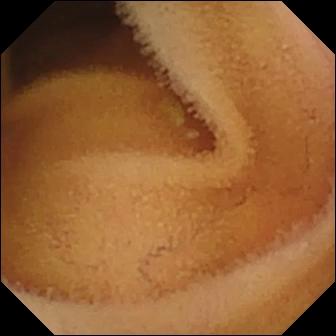WCE. Small intestine. Impression: normal clean mucosa.